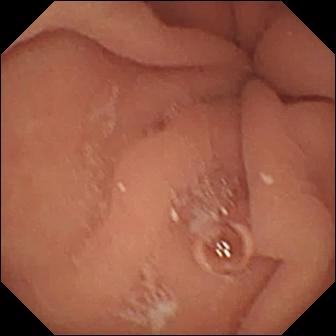Pylorus region (the junction between the stomach and the small bowel).